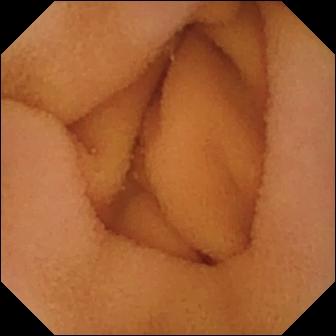Normal clean mucosa — video capsule endoscopy view of the small bowel.